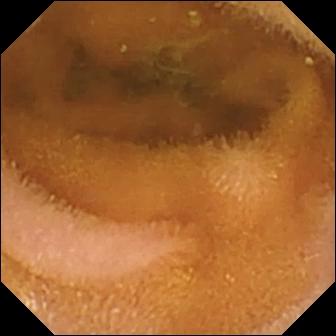- modality: WCE
- category: luminal finding
- label: normal clean mucosa